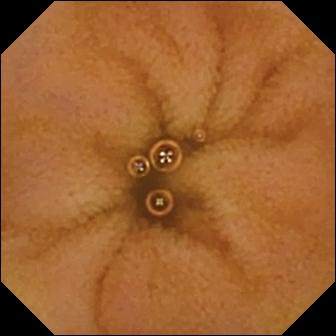Q: What does this WCE snapshot of the small intestine show?
A: Normal clean mucosa.